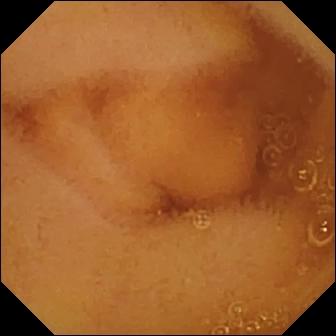PROCEDURE: VCE.
FINDINGS: Normal clean mucosa.